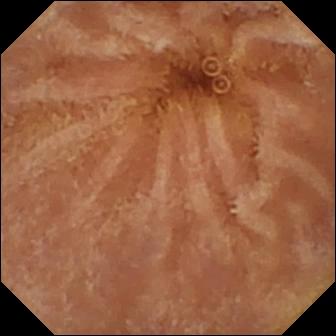Q: What does this small-bowel capsule endoscopy image show?
A: Normal clean mucosa.